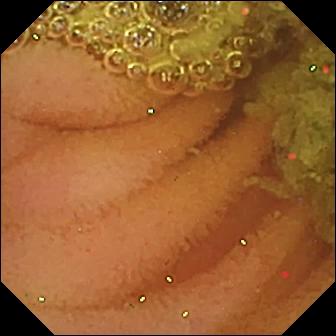Small-bowel capsule endoscopy. Impression: normal clean mucosa.